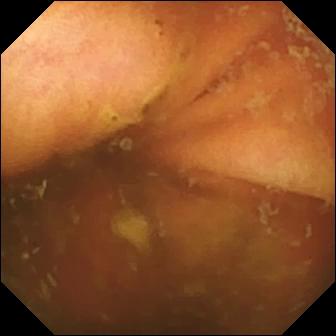Q: Where in the digestive tract was this WCE still taken?
A: Ileo-cecal valve region.